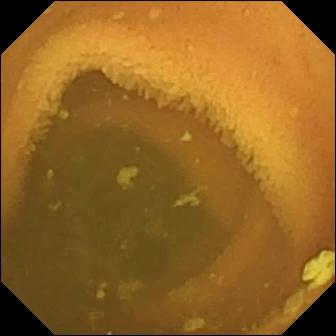PROCEDURE: Wireless capsule endoscopy.
SEGMENT: Small bowel.
FINDINGS: Normal clean mucosa.